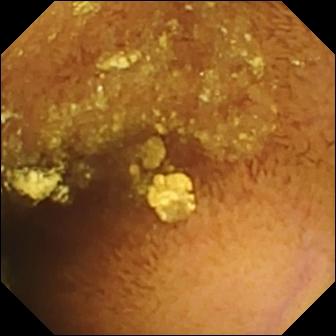WCE. Finding: normal clean mucosa.